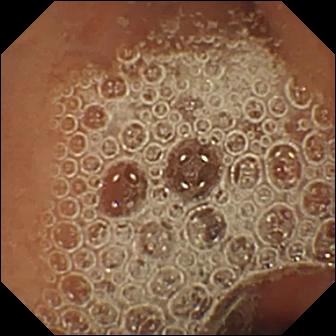Normal clean mucosa — video capsule endoscopy snapshot.